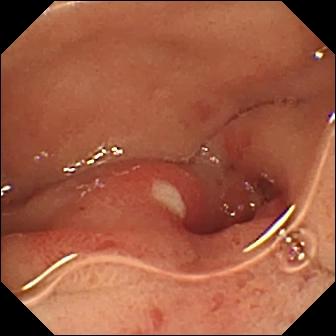- modality: small-bowel capsule endoscopy
- observation: ulcer